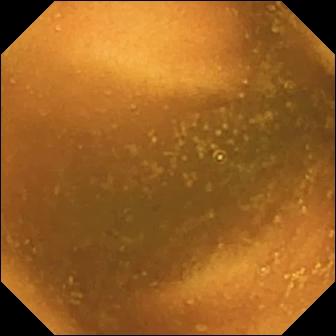modality: capsule endoscopy | label: normal clean mucosa